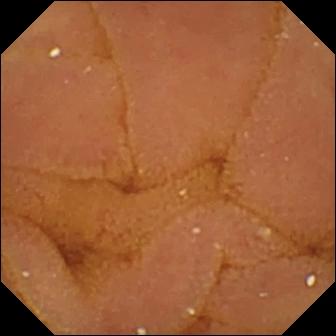modality: small-bowel capsule endoscopy
finding: normal clean mucosa